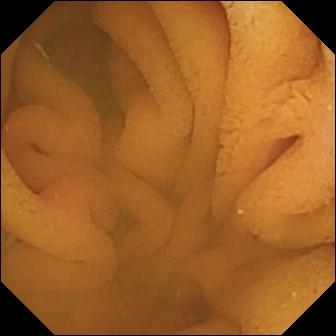Q: What does this small-bowel capsule endoscopy view show?
A: Normal clean mucosa.